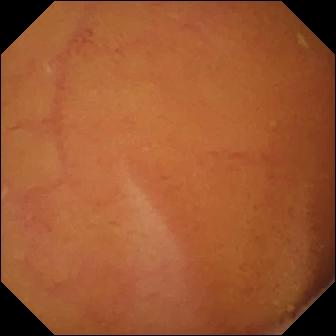Capsule endoscopy view, small intestine
Finding: normal clean mucosa